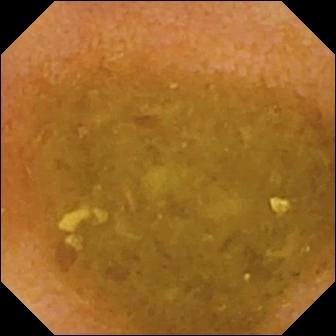Q: What does this VCE view of the small bowel show?
A: Reduced mucosal view (content or bubbles obscuring the mucosa).